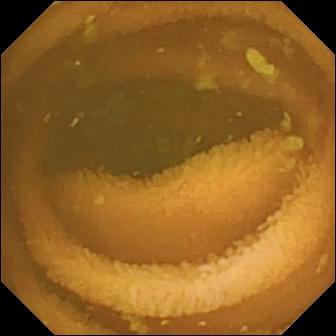VCE — normal clean mucosa.